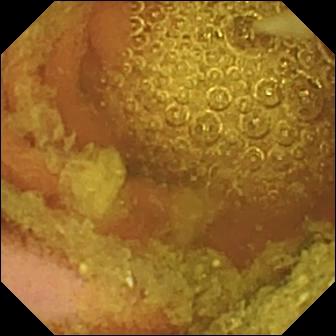Capsule endoscopy view. Normal clean mucosa.